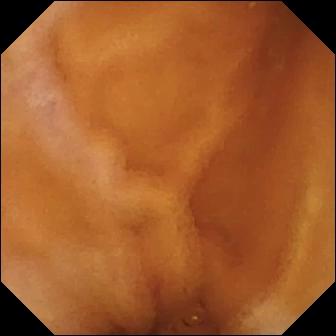Video capsule endoscopy still
Finding: normal clean mucosa